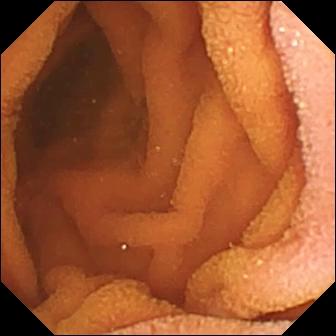WCE — normal clean mucosa.